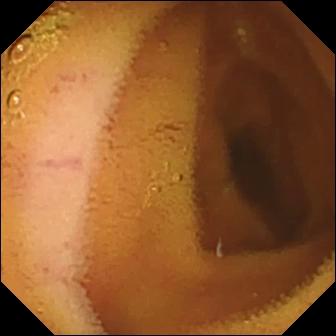{"modality": "WCE", "segment": "small bowel", "finding": "normal clean mucosa"}